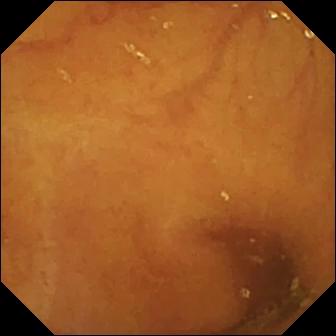WCE frame
Video segment: ileo-cecal valve region (the transition from the small bowel to the large bowel)